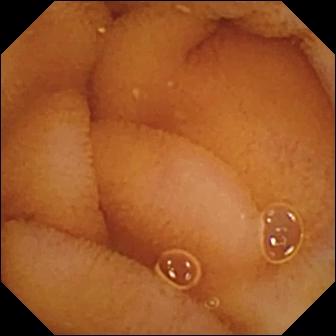PROCEDURE: Capsule endoscopy.
SEGMENT: Small intestine.
FINDINGS: Normal clean mucosa.